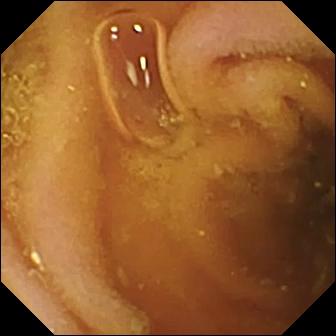Video capsule endoscopy view
Label: pylorus region (the junction between the stomach and the small bowel)